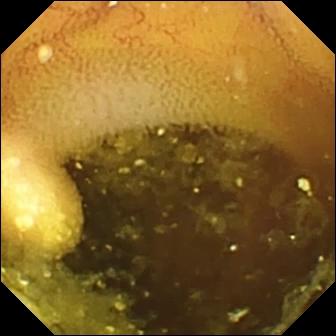modality: WCE; category: luminal finding; finding: lymphangiectasia